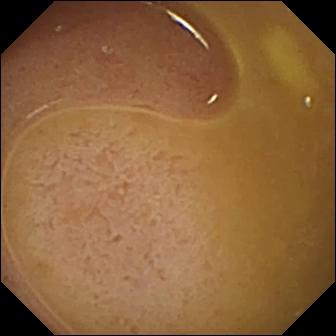Video capsule endoscopy frame
Location: ileo-cecal valve region